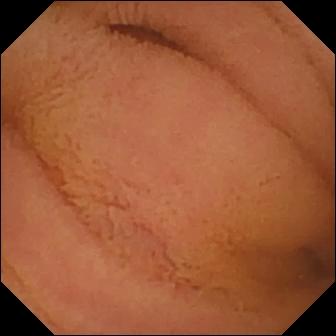Wireless capsule endoscopy image, small bowel
Label: normal clean mucosa